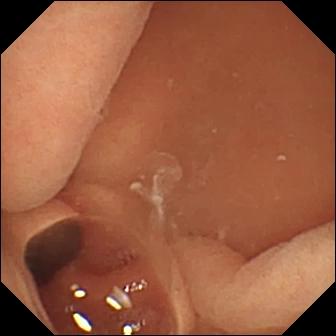This wireless capsule endoscopy still shows normal clean mucosa.